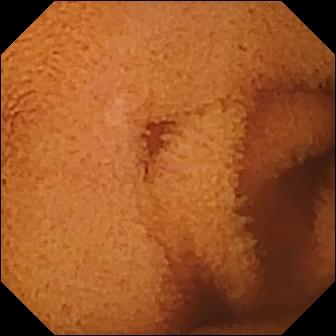Normal clean mucosa — WCE view.